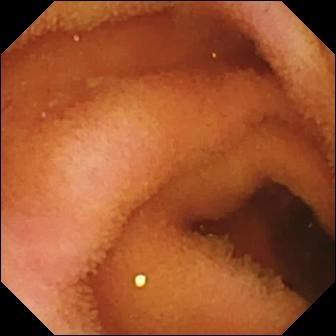- modality: WCE
- impression: normal clean mucosa